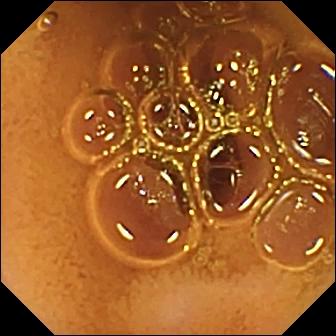modality: VCE | finding: normal clean mucosa